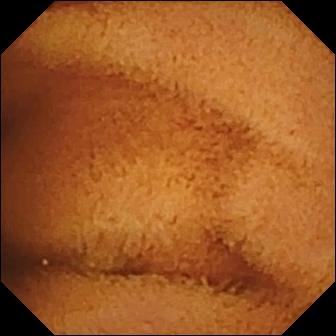This WCE view shows normal clean mucosa.